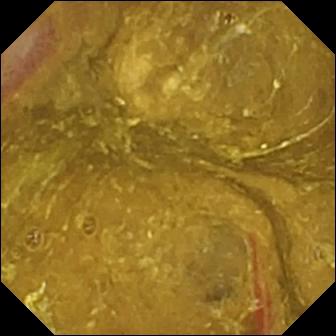Capsule endoscopy. Label: ileo-cecal valve region (where the capsule passes from the small bowel into the large bowel).